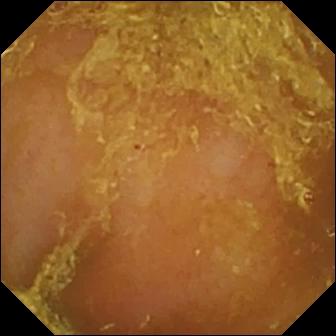modality: wireless capsule endoscopy | segment: small intestine | finding: reduced mucosal view (content or bubbles obscuring the mucosa)